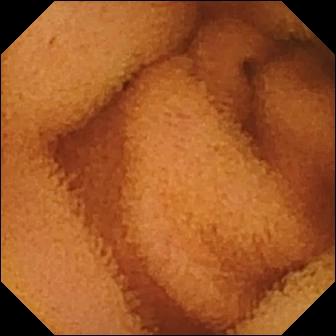VCE. Small intestine. Finding: normal clean mucosa.